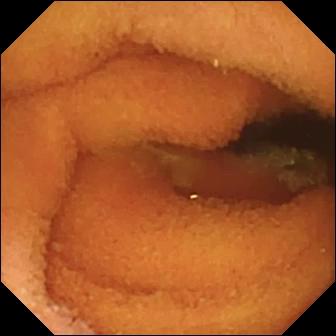Small-bowel capsule endoscopy view (small intestine). Normal clean mucosa.